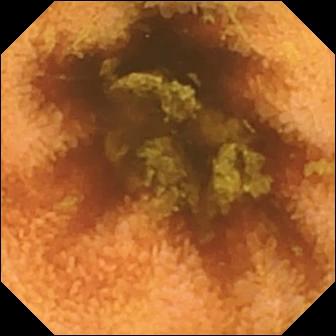- modality: WCE
- category: luminal finding
- observation: normal clean mucosa